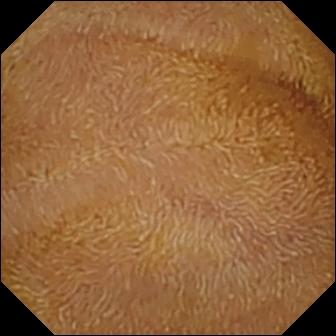Normal clean mucosa — WCE image of the small intestine.